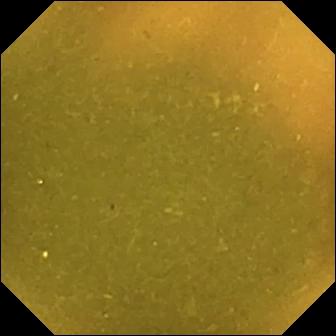Q: Where in the digestive tract was this WCE frame taken?
A: Ileo-cecal valve region (where the capsule passes from the small bowel into the large bowel).